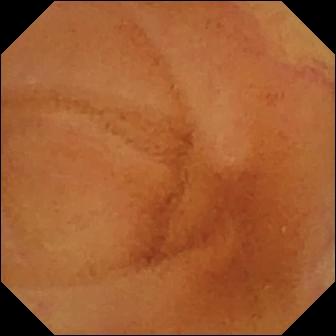Small-bowel capsule endoscopy image of the small intestine showing normal clean mucosa.